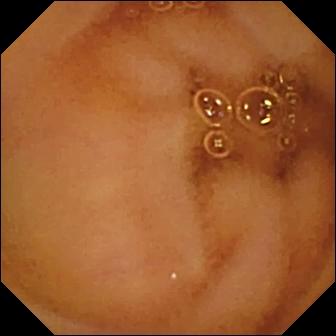PROCEDURE: Small-bowel capsule endoscopy.
FINDINGS: Normal clean mucosa.